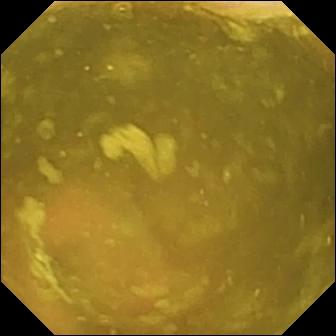Q: Where in the digestive tract was this video capsule endoscopy frame taken?
A: Ileo-cecal valve region (the transition from the small bowel to the large bowel).